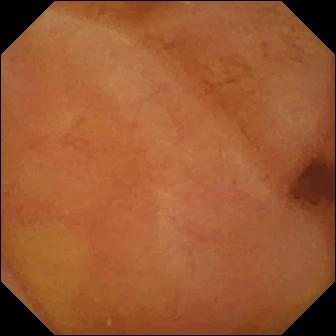PROCEDURE: Capsule endoscopy.
SEGMENT: Small intestine.
FINDINGS: Normal clean mucosa.